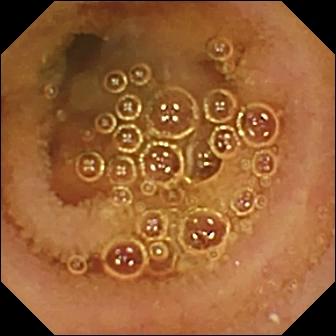- modality: video capsule endoscopy
- segment: small bowel
- finding: normal clean mucosa